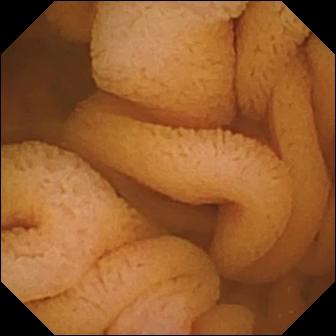{"modality": "VCE", "finding": "normal clean mucosa"}